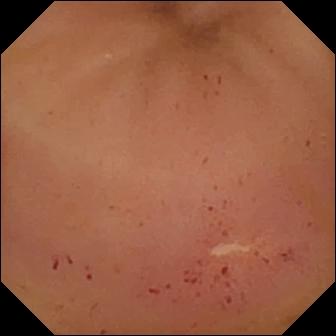{"modality": "WCE", "finding": "erythema (mucosal redness)"}